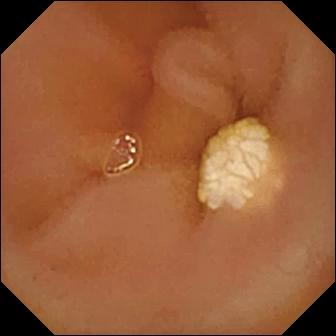This WCE still shows lymphangiectasia.